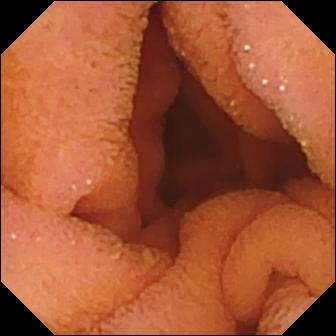{"modality": "wireless capsule endoscopy", "category": "luminal finding", "finding": "normal clean mucosa"}